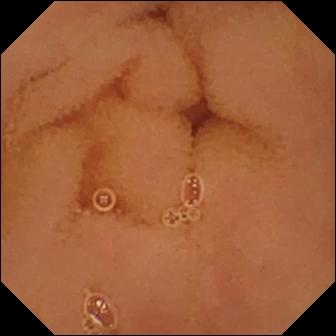This wireless capsule endoscopy frame of the small bowel shows normal clean mucosa.